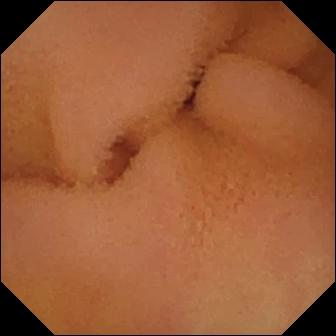VCE snapshot, small bowel
Observation: normal clean mucosa